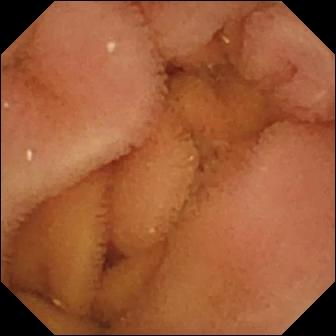Q: What does this capsule endoscopy frame show?
A: Normal clean mucosa.